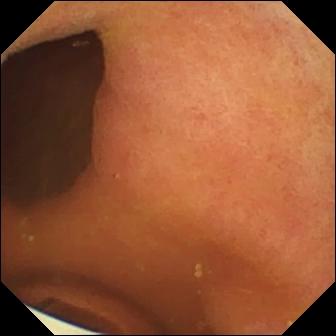modality: VCE | observation: foreign body (e.g. retained capsule, tablet residue)